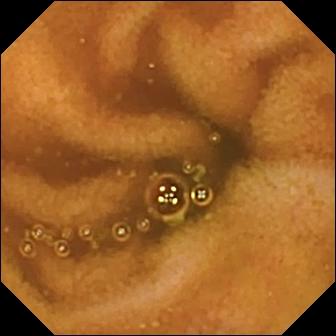PROCEDURE: Wireless capsule endoscopy.
FINDINGS: Normal clean mucosa.